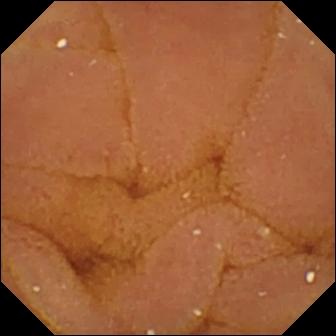- modality: capsule endoscopy
- segment: small intestine
- finding: normal clean mucosa